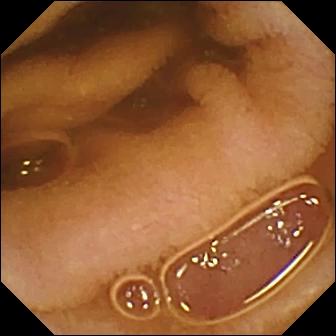Capsule endoscopy snapshot, small bowel
Impression: normal clean mucosa